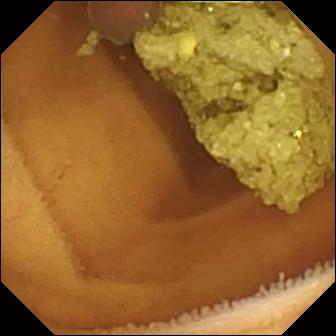This wireless capsule endoscopy still shows normal clean mucosa.